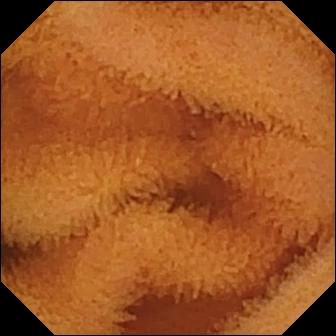WCE. Small intestine. Impression: normal clean mucosa.